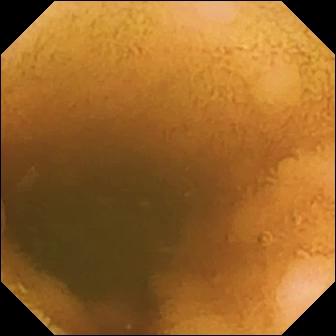Normal clean mucosa.